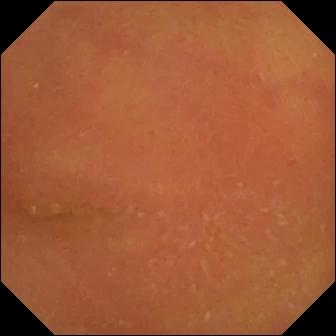- modality: capsule endoscopy
- segment: small intestine
- impression: normal clean mucosa